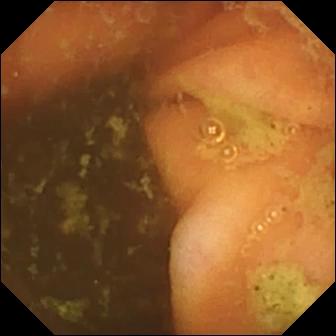Ileo-cecal valve region (where the capsule passes from the small bowel into the large bowel), 336×336.